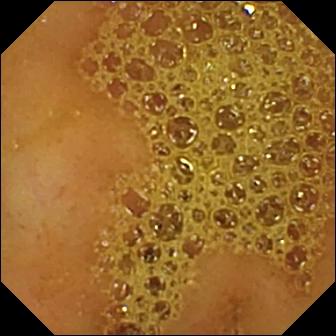WCE view taken in the ileo-cecal valve region (where the capsule passes from the small bowel into the large bowel).